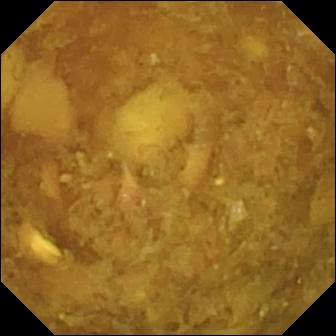Reduced mucosal view (content or bubbles obscuring the mucosa) (336×336).